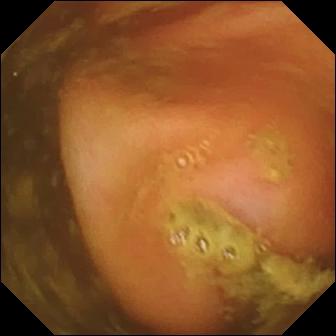Small-bowel capsule endoscopy. Label: ileo-cecal valve region (where the capsule passes from the small bowel into the large bowel).